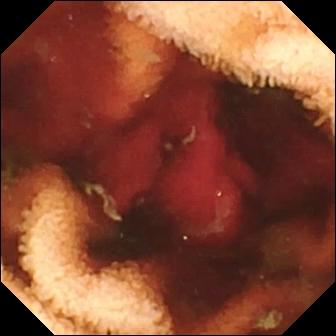Wireless capsule endoscopy frame, 336×336. Fresh blood in the lumen.